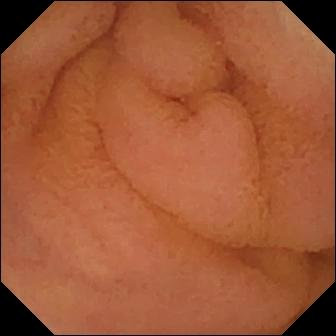Normal clean mucosa — video capsule endoscopy still.